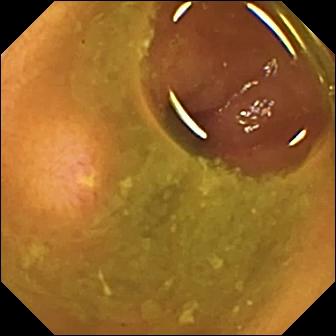PROCEDURE: Capsule endoscopy.
FINDINGS: Ulcer.